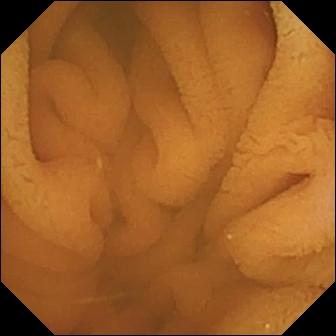Normal clean mucosa — VCE frame.